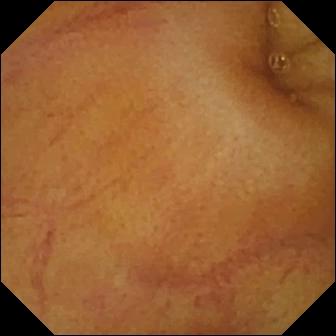Small-bowel capsule endoscopy — normal clean mucosa.